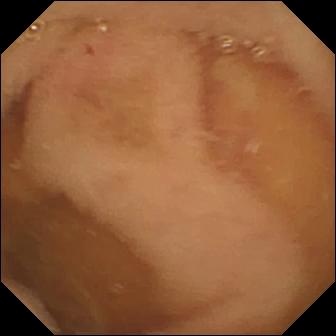Q: What does this WCE snapshot show?
A: Normal clean mucosa.